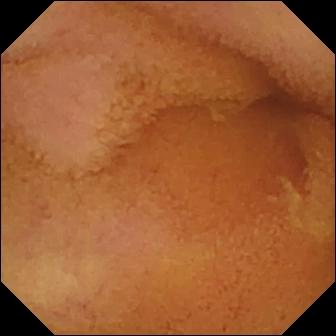This capsule endoscopy image shows normal clean mucosa.